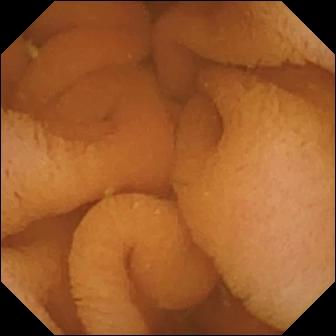Normal clean mucosa.